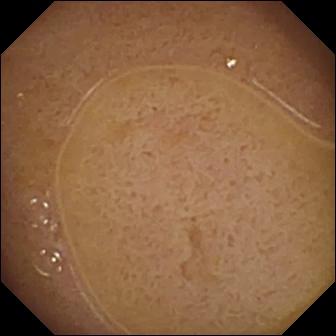VCE image taken in the ileo-cecal valve region (where the capsule passes from the small bowel into the large bowel).